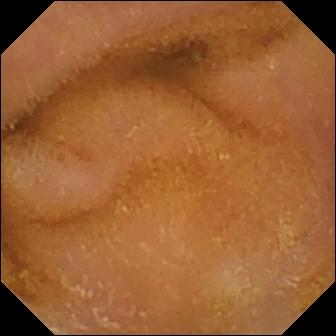Capsule endoscopy view of the small bowel showing normal clean mucosa.